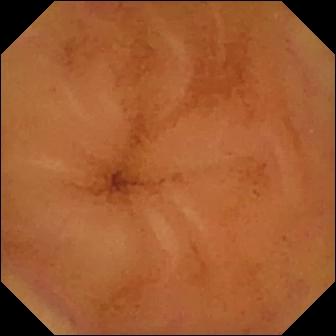modality: wireless capsule endoscopy | segment: small intestine | observation: normal clean mucosa